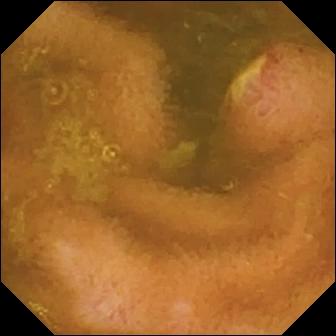VCE still. Ulcer.